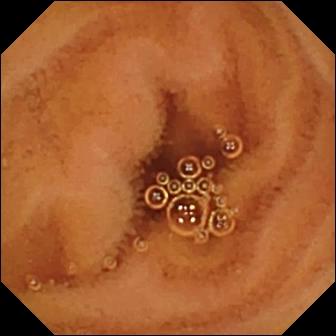{"modality": "capsule endoscopy", "segment": "small bowel", "finding": "normal clean mucosa"}